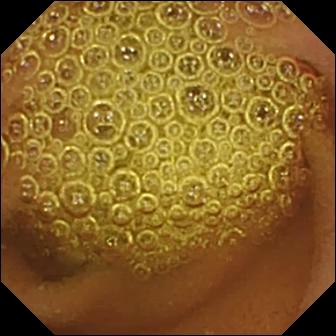Video capsule endoscopy snapshot (small intestine), 336×336. Normal clean mucosa.